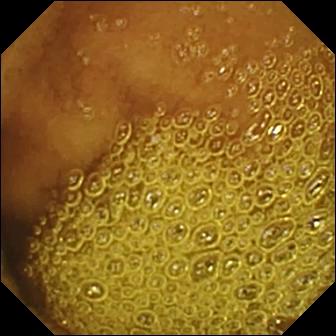Capsule endoscopy view, small bowel
Observation: normal clean mucosa